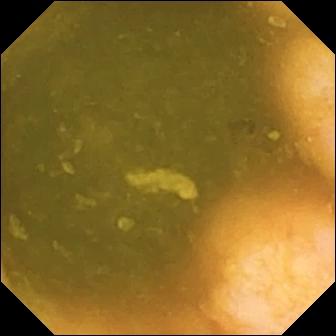Ileo-cecal valve region (the transition from the small bowel to the large bowel) — wireless capsule endoscopy view.